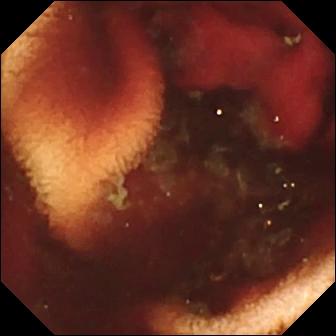VCE. Finding: fresh blood in the lumen.